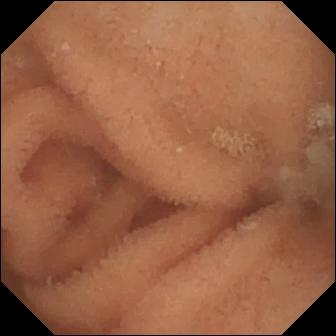Video capsule endoscopy. Small bowel. Finding: normal clean mucosa.